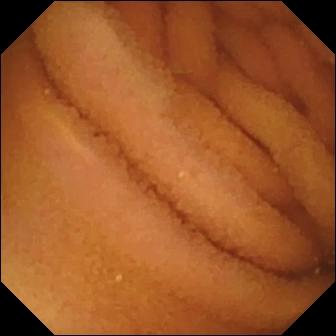Normal clean mucosa — video capsule endoscopy snapshot.